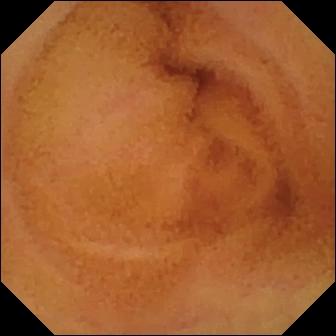PROCEDURE: Small-bowel capsule endoscopy.
FINDINGS: Normal clean mucosa.